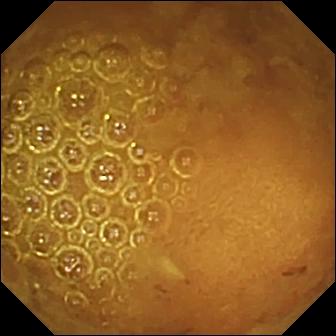Reduced mucosal view (content or bubbles obscuring the mucosa) — video capsule endoscopy image of the small intestine.